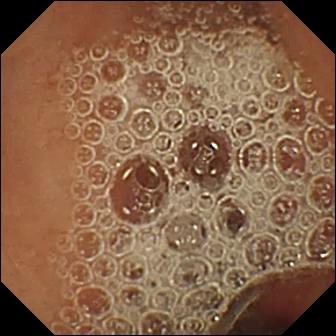Video capsule endoscopy snapshot. Normal clean mucosa.